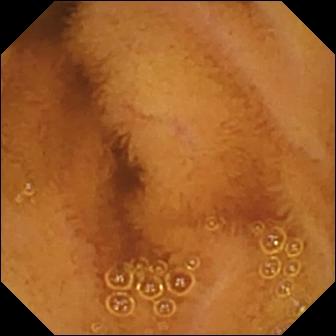Small-bowel capsule endoscopy — normal clean mucosa.